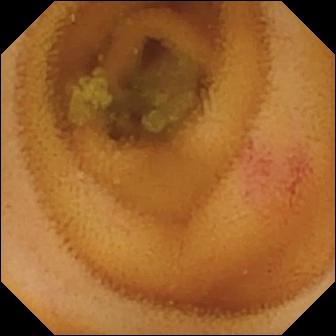This VCE view shows angiectasia.